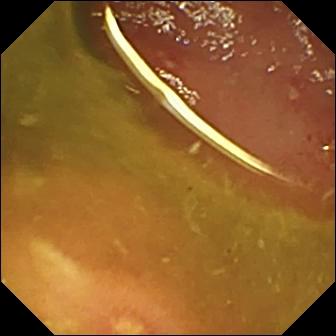PROCEDURE: Video capsule endoscopy.
FINDINGS: Ulcer.